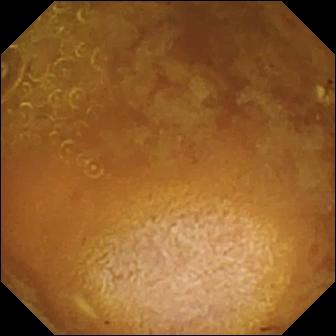Q: What does this video capsule endoscopy image show?
A: Reduced mucosal view (content or bubbles obscuring the mucosa).